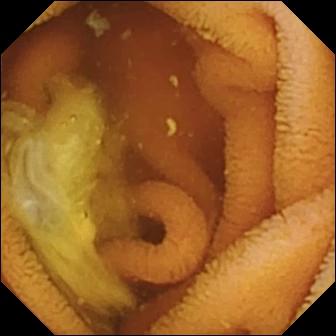This wireless capsule endoscopy image of the small intestine shows normal clean mucosa.